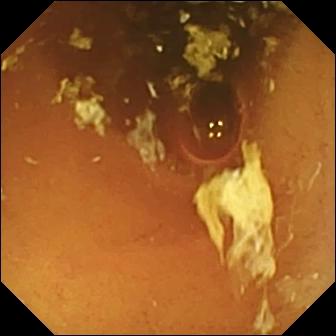Video capsule endoscopy snapshot of the small bowel showing normal clean mucosa.